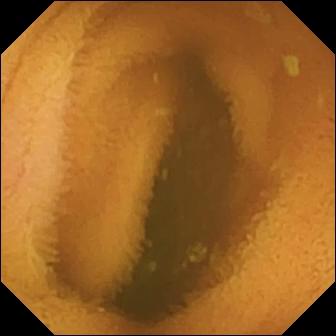Wireless capsule endoscopy frame of the small intestine showing normal clean mucosa.